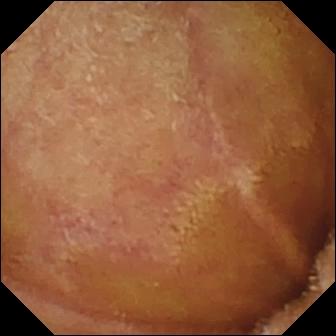Normal clean mucosa.